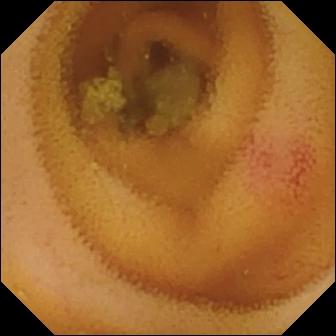{"modality": "small-bowel capsule endoscopy", "finding": "angiectasia"}